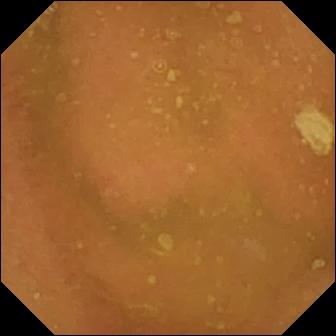modality: WCE
label: normal clean mucosa